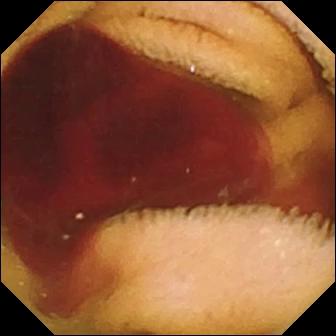VCE frame showing fresh blood in the lumen.